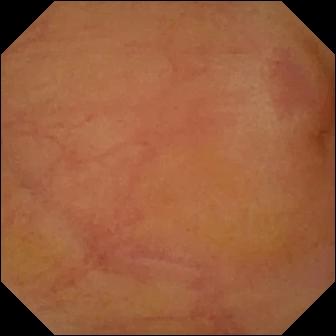Small-bowel capsule endoscopy. Observation: erythema (mucosal redness).